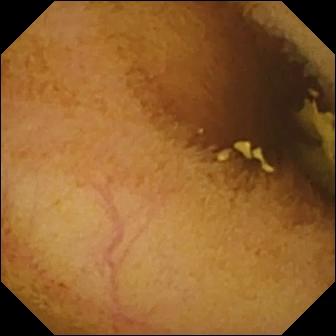Normal clean mucosa — small-bowel capsule endoscopy frame of the small bowel.